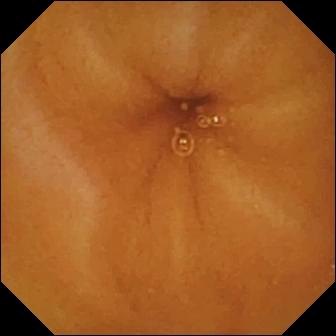Small-bowel capsule endoscopy. Finding: normal clean mucosa.